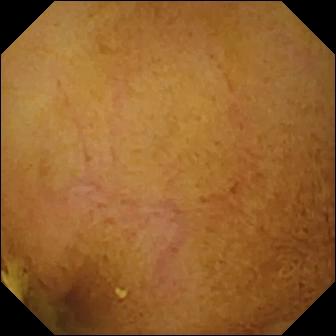- modality: capsule endoscopy
- label: normal clean mucosa